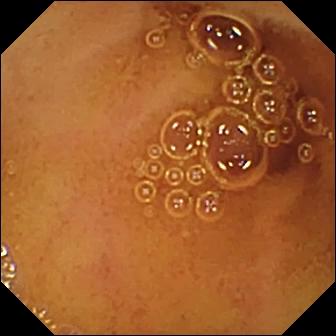PROCEDURE: WCE.
FINDINGS: Normal clean mucosa.